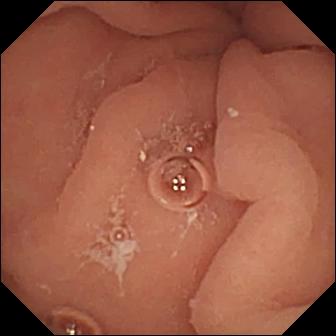WCE — pylorus region.